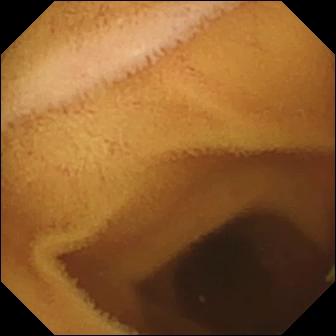modality: small-bowel capsule endoscopy; segment: small bowel; category: luminal finding; finding: normal clean mucosa